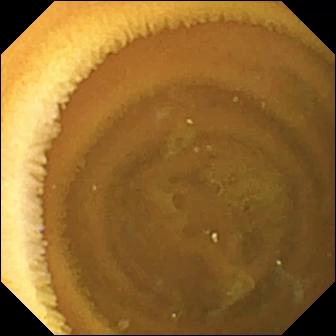modality: WCE
observation: normal clean mucosa